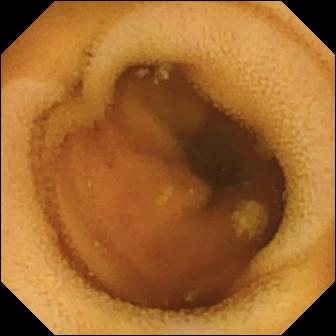This WCE still shows lymphangiectasia.